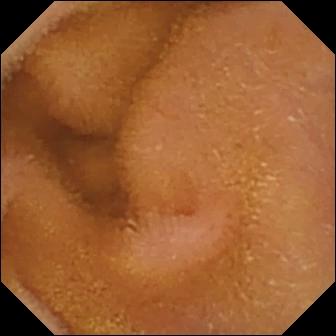Normal clean mucosa.